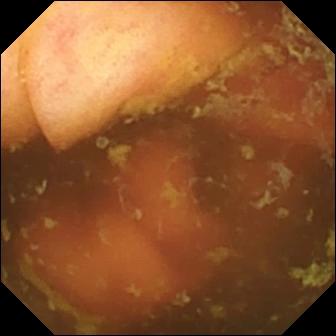Capsule endoscopy — ileo-cecal valve region (where the capsule passes from the small bowel into the large bowel).